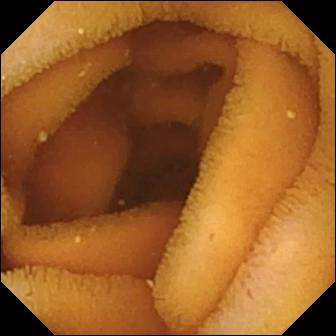Capsule endoscopy view, small intestine
Observation: normal clean mucosa